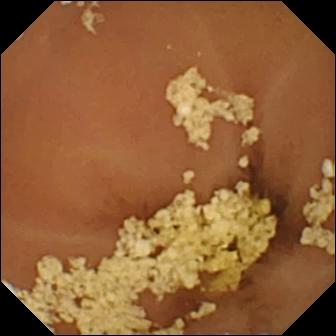Q: What does this VCE image show?
A: Normal clean mucosa.